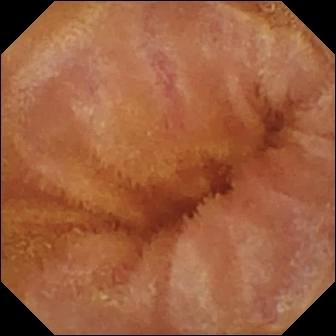modality: WCE | segment: small intestine | finding: normal clean mucosa